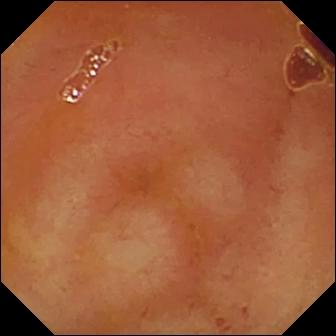Small-bowel capsule endoscopy image
Label: ileo-cecal valve region (the transition from the small bowel to the large bowel)